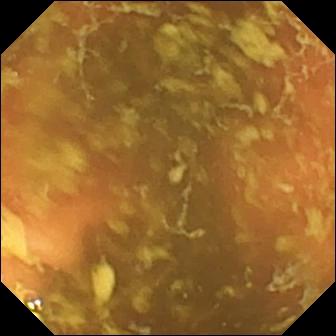WCE image. Taken in the ileo-cecal valve region.